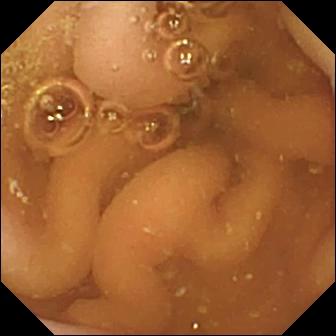Capsule endoscopy — pylorus region (the junction between the stomach and the small bowel).